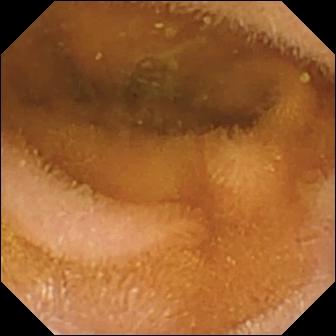Video capsule endoscopy view of the small intestine showing normal clean mucosa.